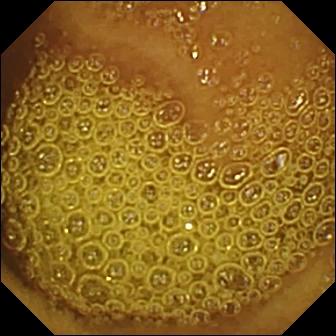Capsule endoscopy snapshot, small bowel
Label: normal clean mucosa